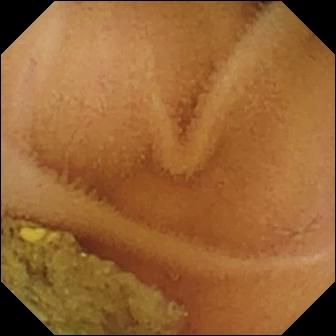- modality: video capsule endoscopy
- observation: normal clean mucosa